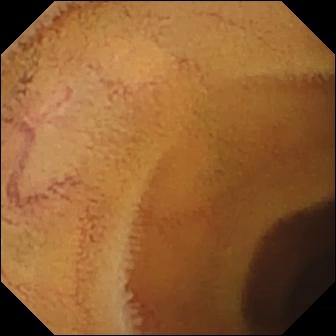Small-bowel capsule endoscopy image. Normal clean mucosa.